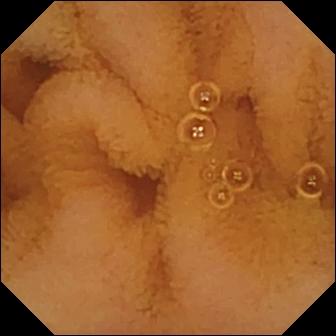Video capsule endoscopy image of the small intestine showing normal clean mucosa.